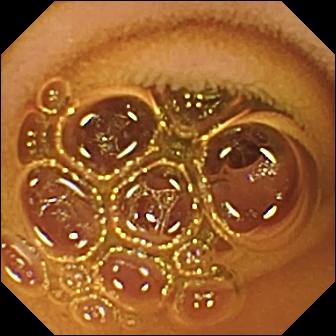Capsule endoscopy frame of the small intestine showing normal clean mucosa.